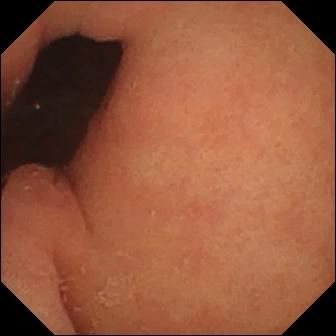Pylorus region (the junction between the stomach and the small bowel), 336×336.